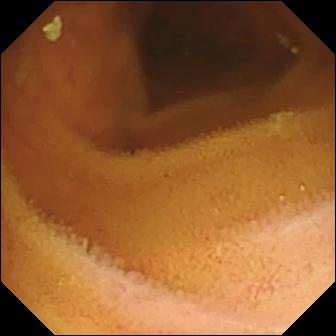- modality: wireless capsule endoscopy
- segment: small intestine
- impression: normal clean mucosa